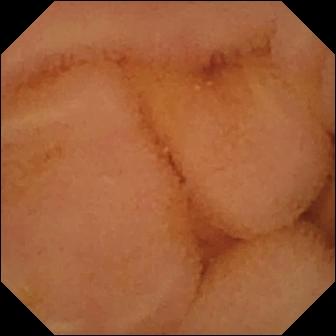Q: What does this WCE still of the small intestine show?
A: Normal clean mucosa.